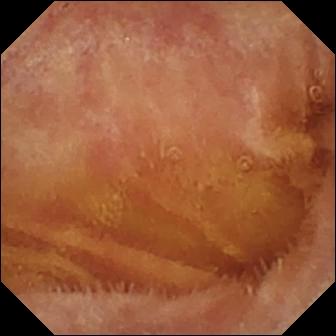Capsule endoscopy still showing normal clean mucosa.